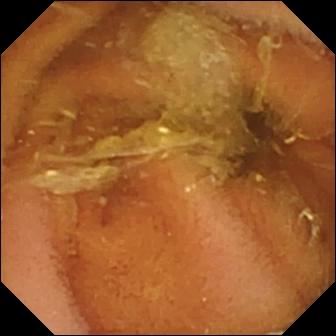This capsule endoscopy view of the small bowel shows normal clean mucosa.